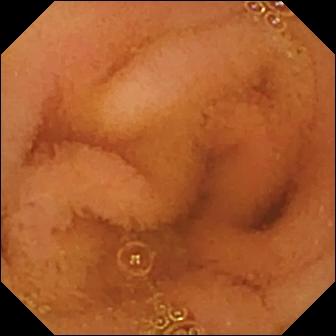Wireless capsule endoscopy view showing normal clean mucosa.